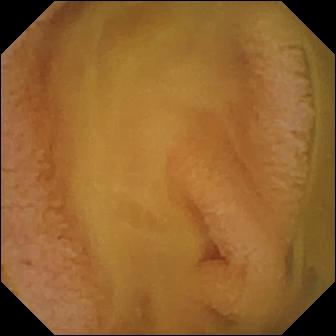Normal clean mucosa — wireless capsule endoscopy frame of the small intestine.